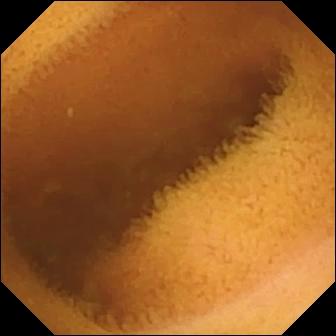Small-bowel capsule endoscopy image (small intestine). Normal clean mucosa.